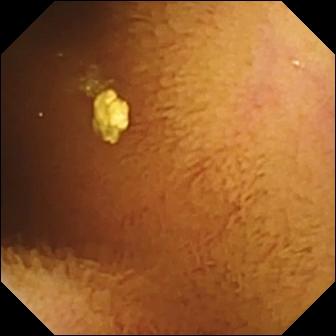- modality: WCE
- category: luminal finding
- impression: normal clean mucosa